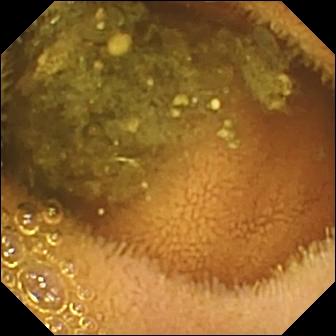Reduced mucosal view (content or bubbles obscuring the mucosa) (336×336).